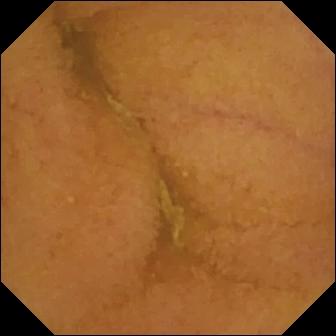modality: small-bowel capsule endoscopy | segment: small bowel | impression: normal clean mucosa